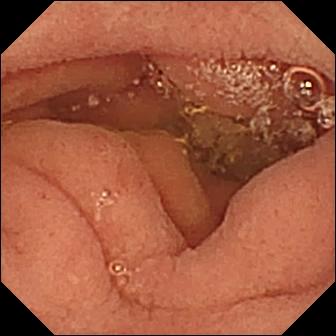Pylorus region (the junction between the stomach and the small bowel).